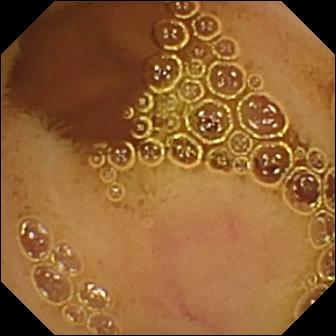WCE view. Normal clean mucosa.